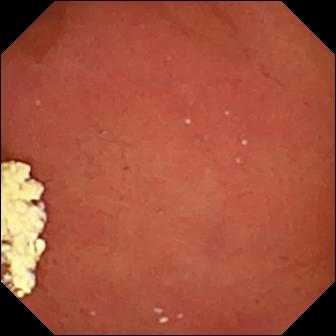Pylorus region.